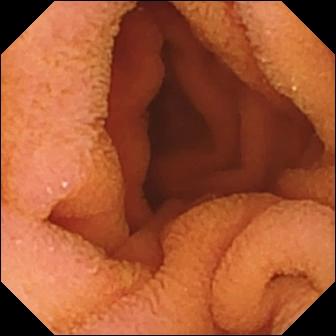- modality: capsule endoscopy
- observation: normal clean mucosa